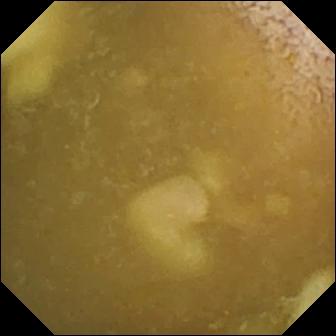This capsule endoscopy frame was taken in the ileo-cecal valve region.